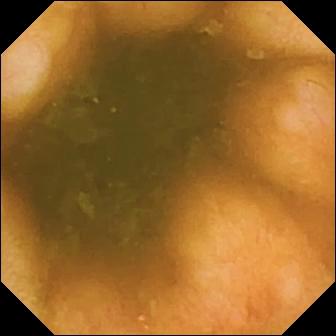Ileo-cecal valve region.